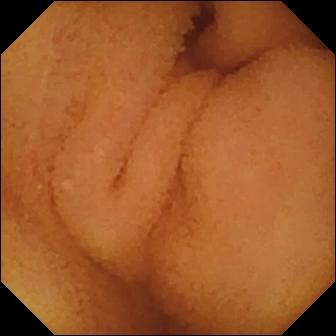VCE. Label: normal clean mucosa.